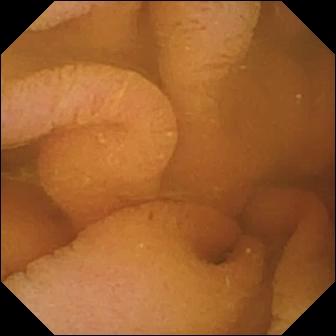VCE image showing normal clean mucosa.